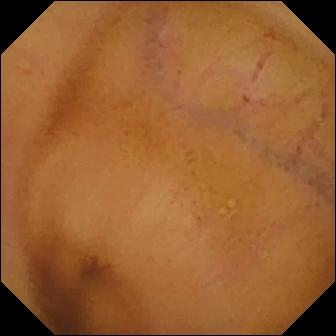Video capsule endoscopy. Observation: normal clean mucosa.